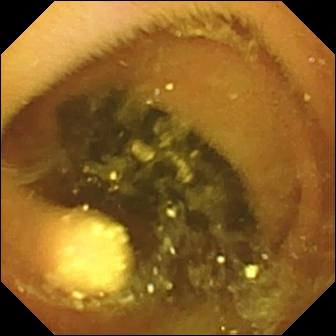This small-bowel capsule endoscopy view shows lymphangiectasia.